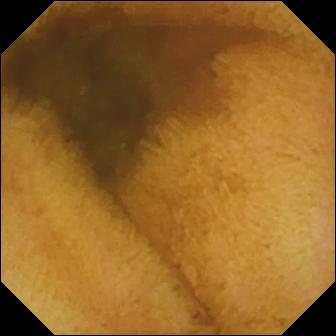Normal clean mucosa (336×336).